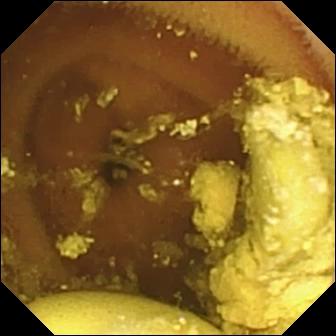Foreign body (e.g. retained capsule, tablet residue) — video capsule endoscopy image.